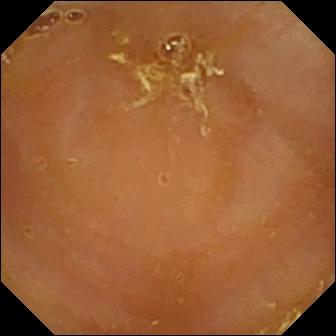PROCEDURE: VCE.
FINDINGS: Reduced mucosal view (content or bubbles obscuring the mucosa).